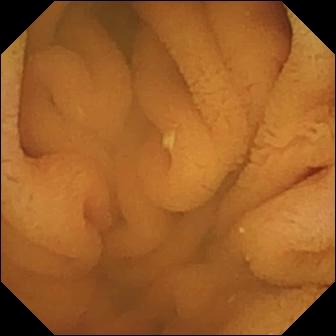- modality: small-bowel capsule endoscopy
- category: luminal finding
- label: normal clean mucosa